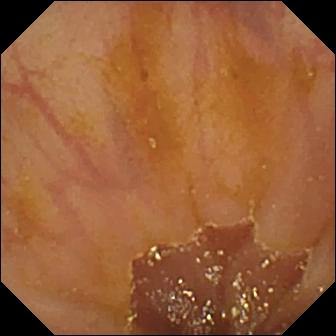Q: Where in the digestive tract was this small-bowel capsule endoscopy frame taken?
A: Ileo-cecal valve region (where the capsule passes from the small bowel into the large bowel).